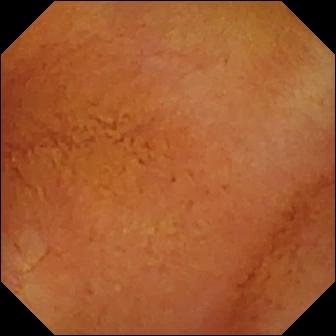Small-bowel capsule endoscopy — normal clean mucosa.